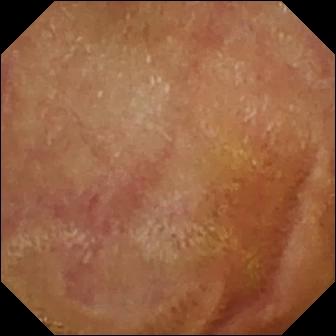- modality: capsule endoscopy
- finding: normal clean mucosa